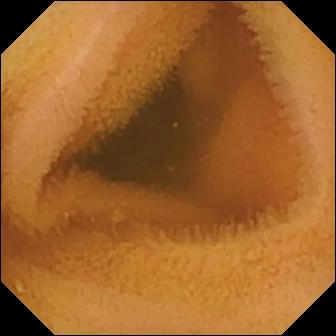VCE. Small bowel. Impression: normal clean mucosa.